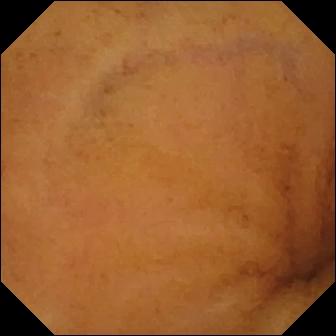- modality: small-bowel capsule endoscopy
- label: normal clean mucosa